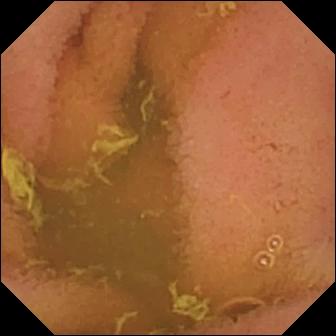- modality: VCE
- category: luminal finding
- impression: normal clean mucosa